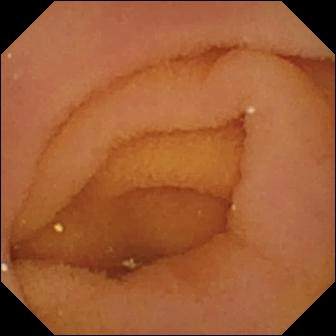Pylorus region.